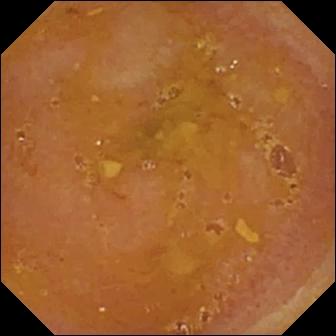modality: wireless capsule endoscopy; observation: reduced mucosal view (content or bubbles obscuring the mucosa)